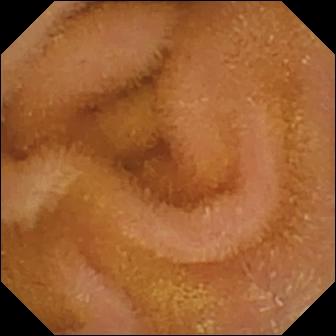Normal clean mucosa — WCE image of the small intestine.